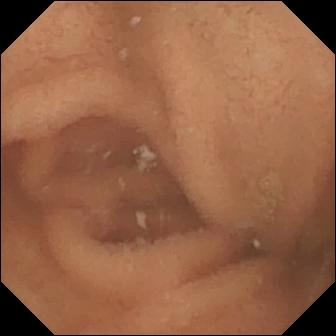Small-bowel capsule endoscopy image showing normal clean mucosa.